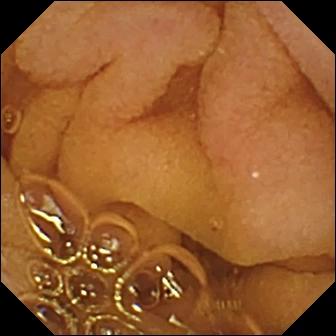This WCE frame shows normal clean mucosa.